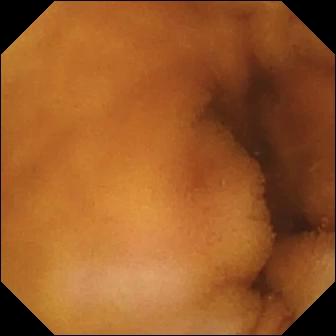{"modality": "capsule endoscopy", "segment": "small intestine", "category": "luminal finding", "finding": "normal clean mucosa"}